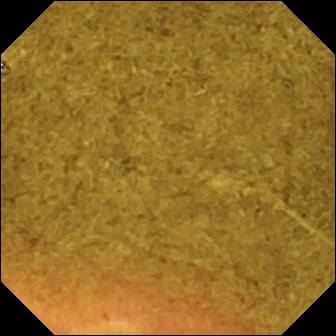{"modality": "video capsule endoscopy", "category": "anatomical landmark", "position": "ileo-cecal valve region (the transition from the small bowel to the large bowel)"}